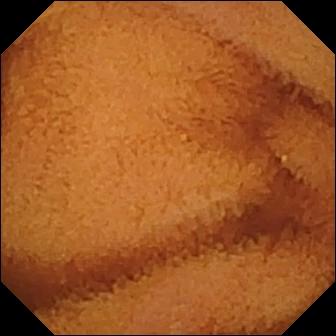- modality: wireless capsule endoscopy
- segment: small bowel
- impression: normal clean mucosa